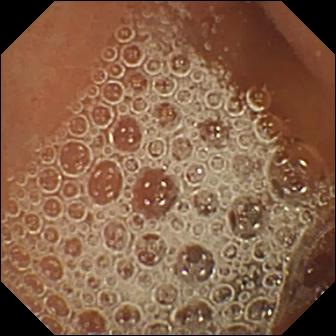Capsule endoscopy frame
Finding: normal clean mucosa